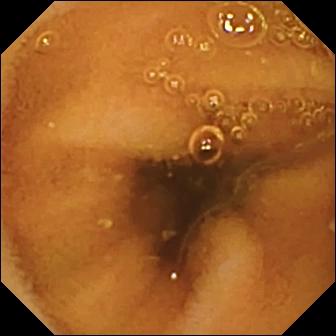Wireless capsule endoscopy view showing normal clean mucosa.